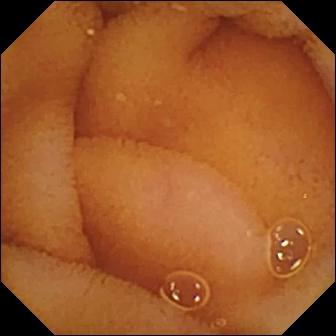Small-bowel capsule endoscopy still (small bowel), 336×336. Normal clean mucosa.